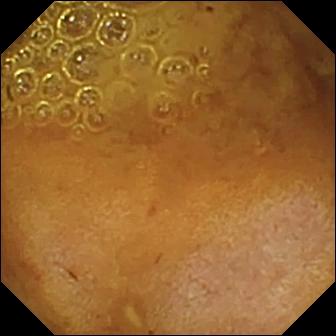{"modality": "VCE", "finding": "reduced mucosal view (content or bubbles obscuring the mucosa)"}